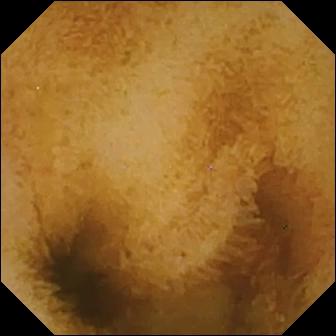VCE. Small intestine. Luminal finding. Impression: normal clean mucosa.